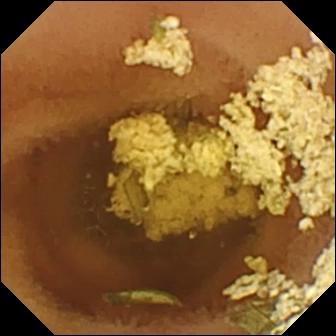Wireless capsule endoscopy frame
Finding: normal clean mucosa